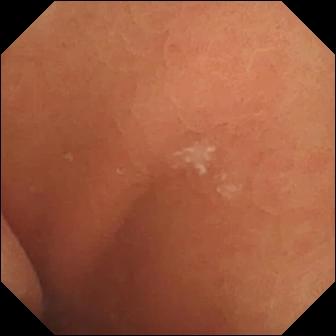Wireless capsule endoscopy frame. Normal clean mucosa.